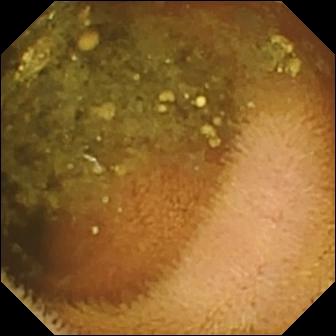VCE still of the small bowel showing reduced mucosal view (content or bubbles obscuring the mucosa).